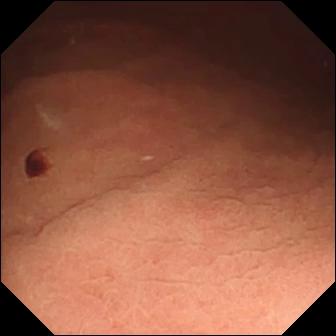{"modality": "capsule endoscopy", "category": "luminal finding", "finding": "angiectasia"}